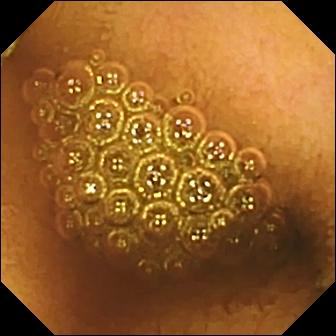Q: What does this WCE still show?
A: Reduced mucosal view (content or bubbles obscuring the mucosa).